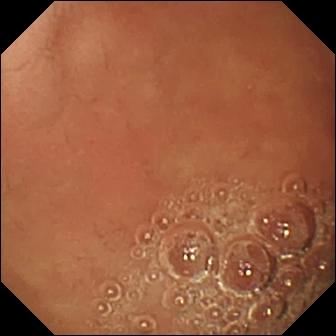Wireless capsule endoscopy — pylorus region (the junction between the stomach and the small bowel).